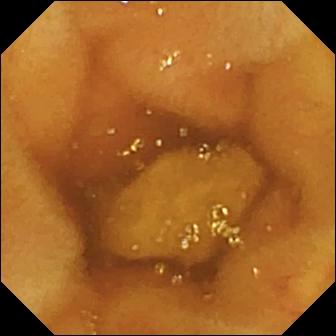Video capsule endoscopy snapshot, 336×336. Taken in the ileo-cecal valve region (where the capsule passes from the small bowel into the large bowel).